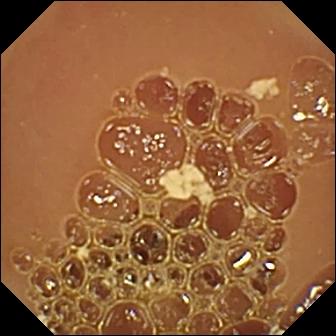PROCEDURE: Small-bowel capsule endoscopy.
FINDINGS: Normal clean mucosa.